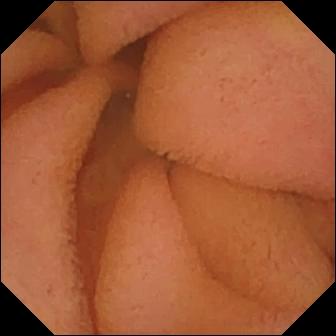Q: What does this video capsule endoscopy still show?
A: Normal clean mucosa.